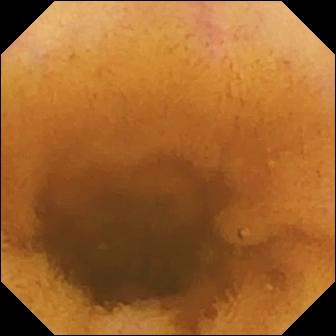WCE — normal clean mucosa.